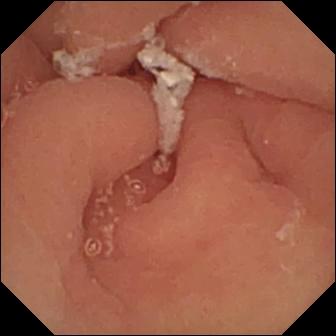modality: wireless capsule endoscopy
category: anatomical landmark
location: pylorus region